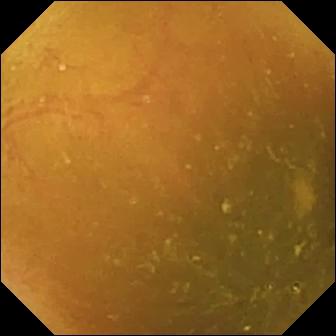Ileo-cecal valve region (where the capsule passes from the small bowel into the large bowel).